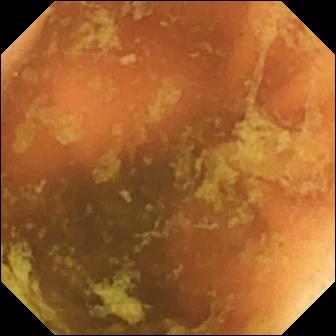VCE frame taken in the ileo-cecal valve region.